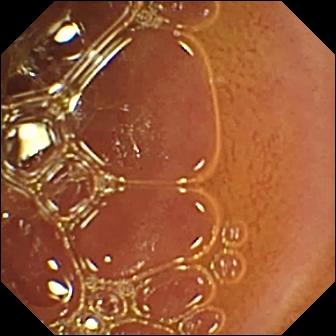Normal clean mucosa.